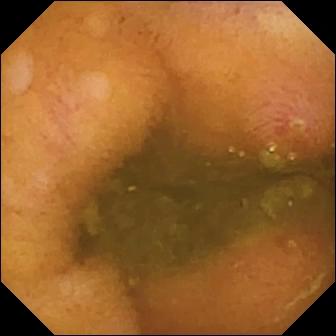{"modality": "VCE", "finding": "erosion"}